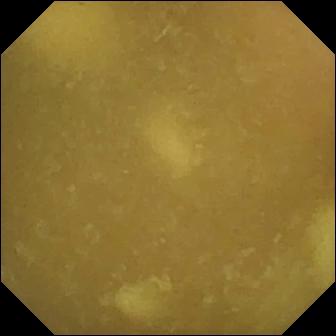WCE view. Taken in the ileo-cecal valve region (where the capsule passes from the small bowel into the large bowel).